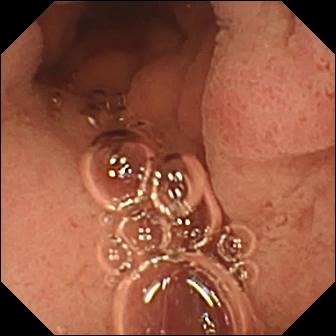Wireless capsule endoscopy image taken in the pylorus region (where the capsule passes from the stomach into the small bowel).